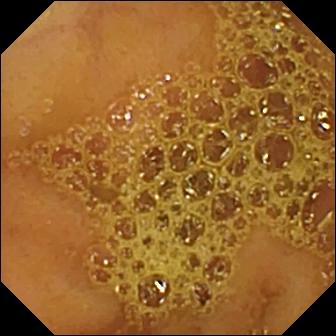Ileo-cecal valve region — capsule endoscopy snapshot.